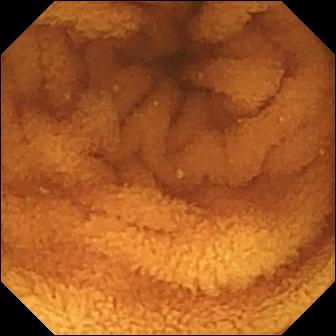Q: What does this video capsule endoscopy snapshot show?
A: Normal clean mucosa.